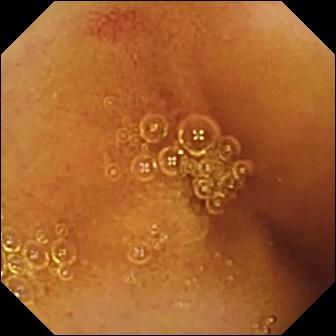WCE frame showing angiectasia.